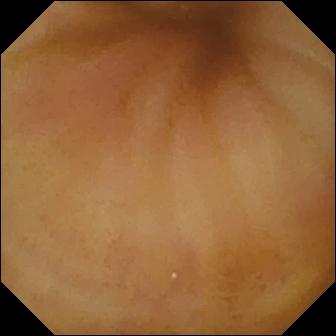- modality: small-bowel capsule endoscopy
- category: anatomical landmark
- position: ileo-cecal valve region